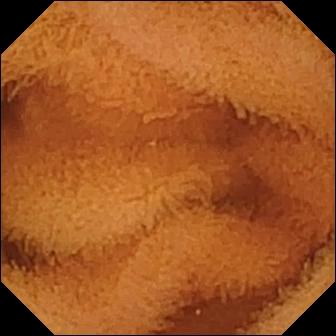modality: capsule endoscopy; segment: small intestine; observation: normal clean mucosa